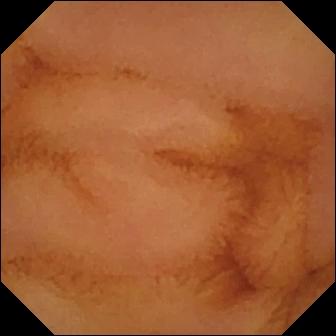PROCEDURE: Small-bowel capsule endoscopy.
FINDINGS: Normal clean mucosa.